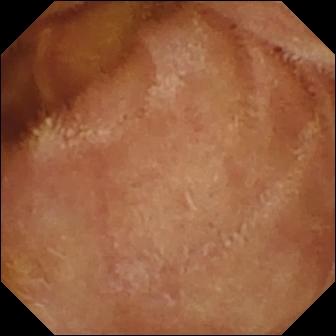{"modality": "wireless capsule endoscopy", "finding": "normal clean mucosa"}